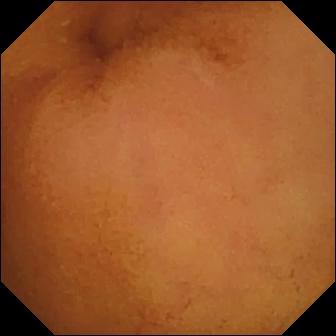- modality: capsule endoscopy
- label: normal clean mucosa